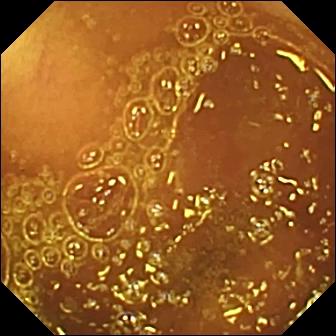Wireless capsule endoscopy snapshot (small intestine). Normal clean mucosa.